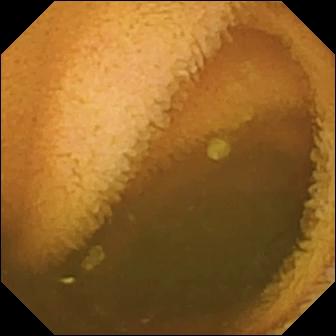Q: What does this wireless capsule endoscopy view of the small bowel show?
A: Normal clean mucosa.